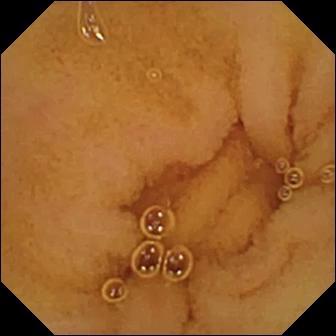Q: What does this small-bowel capsule endoscopy still show?
A: Normal clean mucosa.